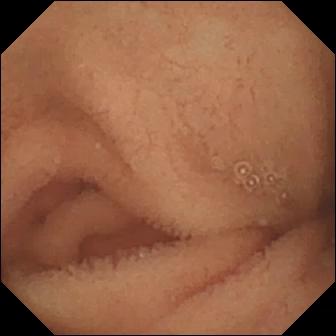Q: What does this VCE frame show?
A: Normal clean mucosa.